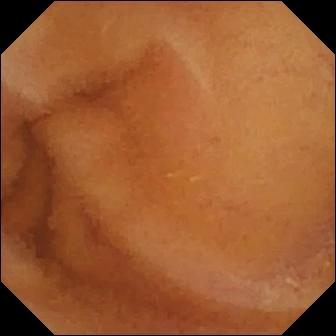Wireless capsule endoscopy still, 336×336. Normal clean mucosa.